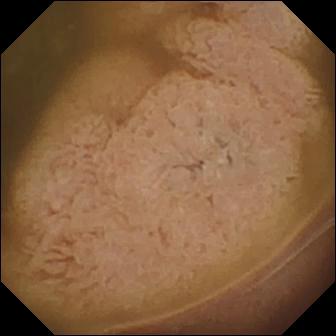Ileo-cecal valve region (the transition from the small bowel to the large bowel) — wireless capsule endoscopy still.